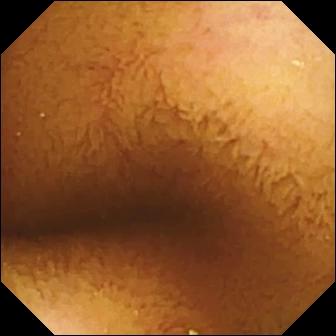modality: wireless capsule endoscopy; finding: normal clean mucosa